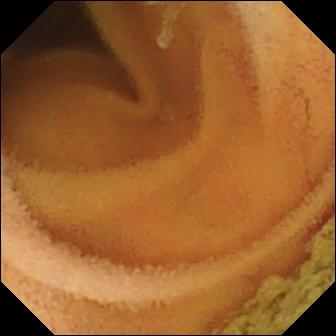PROCEDURE: Video capsule endoscopy.
FINDINGS: Normal clean mucosa.